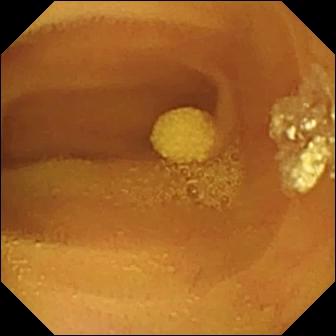modality: VCE; category: luminal finding; impression: lymphangiectasia